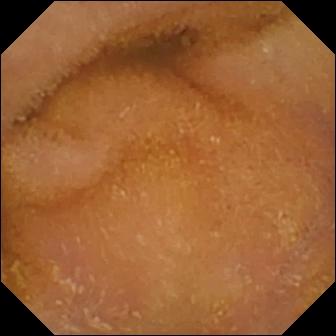VCE frame (small bowel), 336×336. Normal clean mucosa.